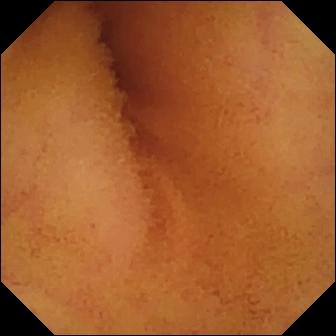This video capsule endoscopy view of the small intestine shows normal clean mucosa.